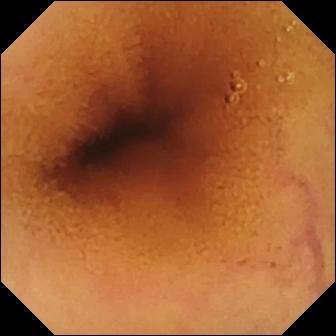modality: video capsule endoscopy
segment: small intestine
observation: normal clean mucosa